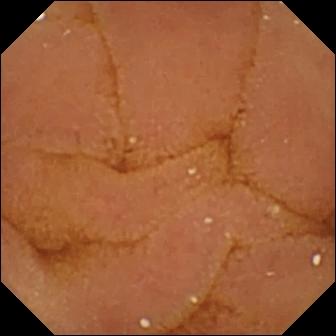This WCE still of the small intestine shows normal clean mucosa.